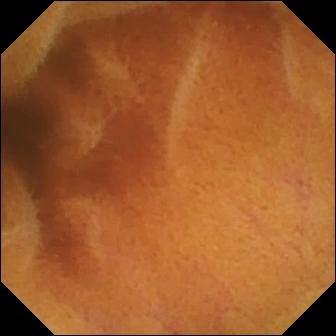This video capsule endoscopy still of the small intestine shows normal clean mucosa.